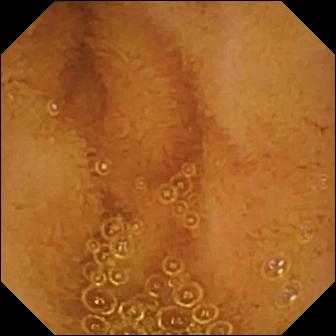Q: What does this capsule endoscopy still show?
A: Normal clean mucosa.